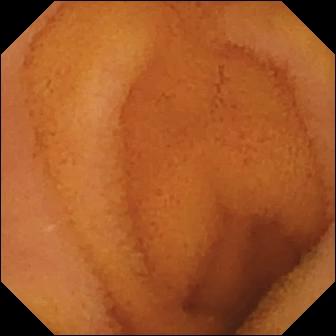PROCEDURE: VCE.
FINDINGS: Normal clean mucosa.